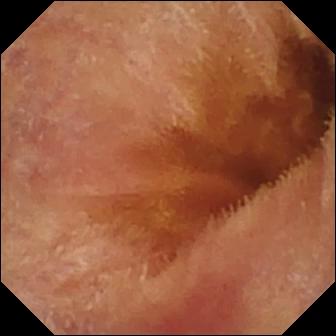Video capsule endoscopy. Small bowel. Luminal finding. Observation: normal clean mucosa.